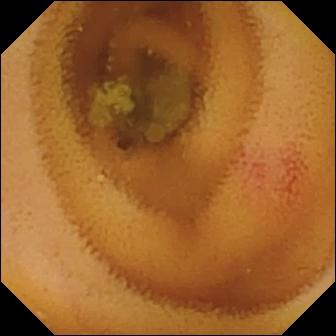Q: What does this wireless capsule endoscopy still show?
A: Angiectasia.